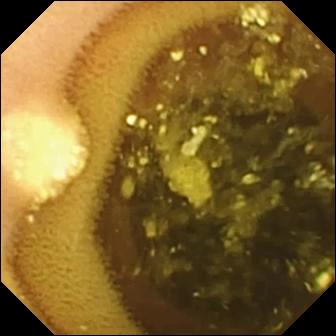WCE. Label: lymphangiectasia.